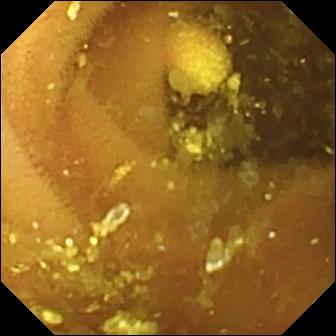PROCEDURE: VCE.
FINDINGS: Lymphangiectasia.